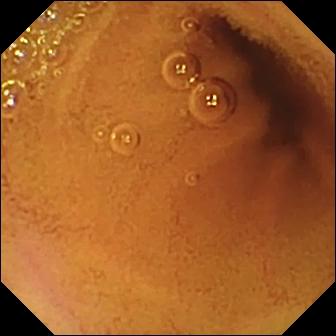This capsule endoscopy snapshot of the small intestine shows normal clean mucosa.